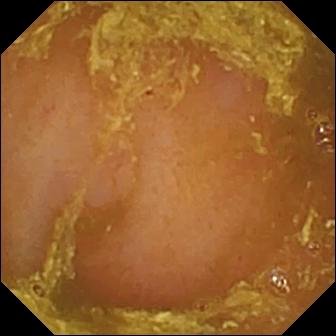{"modality": "small-bowel capsule endoscopy", "finding": "reduced mucosal view (content or bubbles obscuring the mucosa)"}